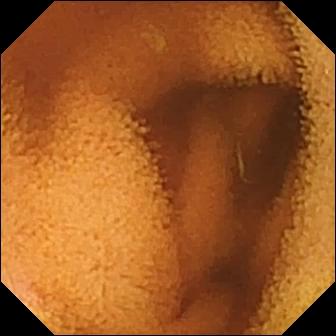Wireless capsule endoscopy snapshot (small bowel). Normal clean mucosa.